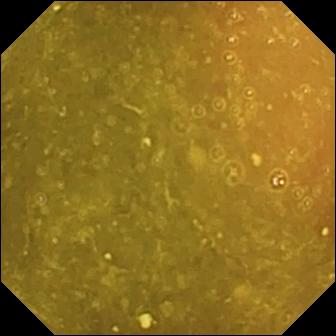Q: Where in the digestive tract was this video capsule endoscopy snapshot taken?
A: Ileo-cecal valve region (the transition from the small bowel to the large bowel).